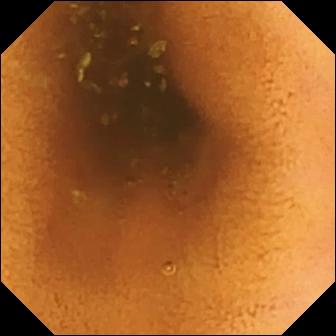Normal clean mucosa — WCE view of the small bowel.